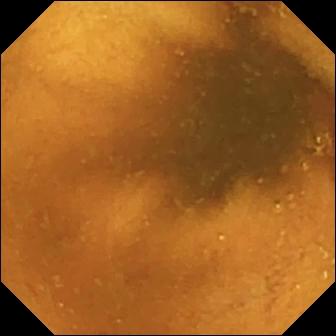VCE image, small intestine
Label: normal clean mucosa